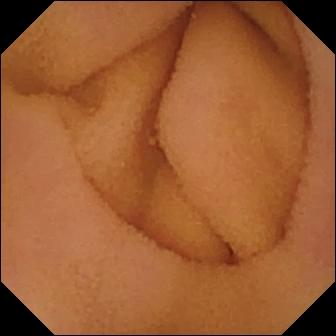{"modality": "small-bowel capsule endoscopy", "finding": "normal clean mucosa"}